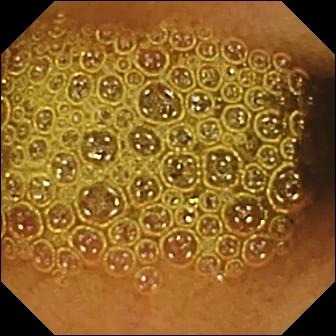Wireless capsule endoscopy snapshot
Observation: reduced mucosal view (content or bubbles obscuring the mucosa)